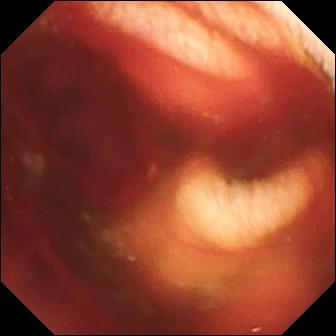Fresh blood in the lumen.